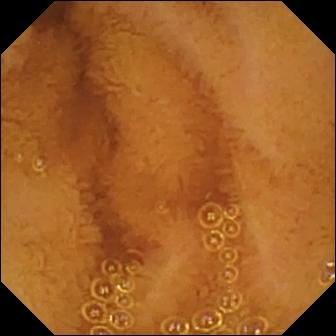Normal clean mucosa.